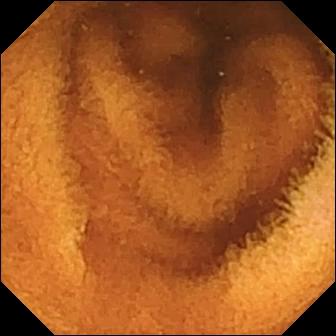Normal clean mucosa.